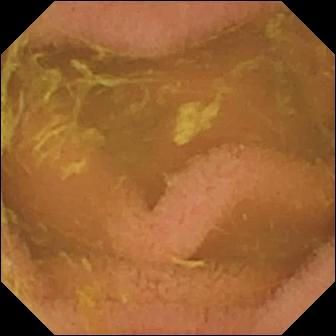Normal clean mucosa — VCE image.